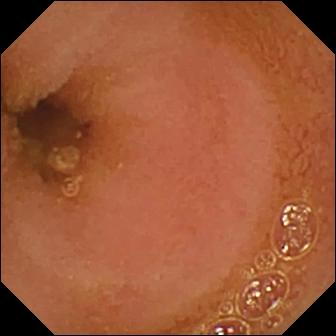- modality: wireless capsule endoscopy
- label: normal clean mucosa